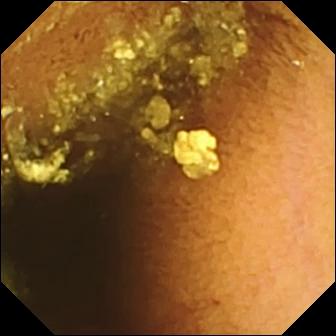- modality: WCE
- segment: small intestine
- impression: normal clean mucosa